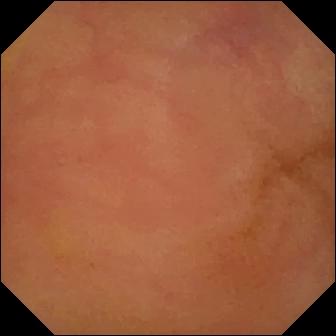{"modality": "wireless capsule endoscopy", "finding": "erythema (mucosal redness)"}